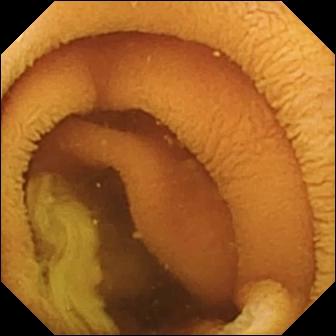Small-bowel capsule endoscopy — normal clean mucosa.